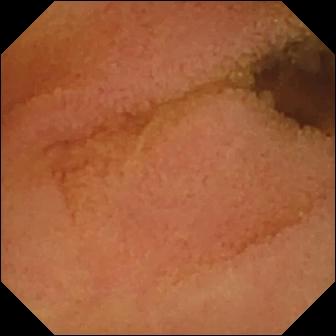Wireless capsule endoscopy. Small intestine. Luminal finding. Observation: normal clean mucosa.